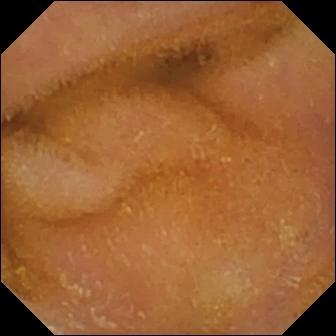Normal clean mucosa — WCE view of the small intestine.